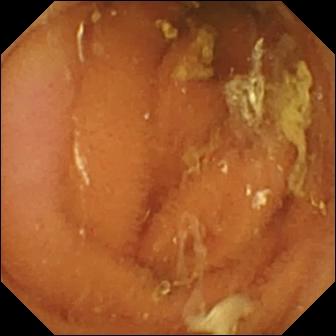Q: What does this small-bowel capsule endoscopy still of the small bowel show?
A: Normal clean mucosa.